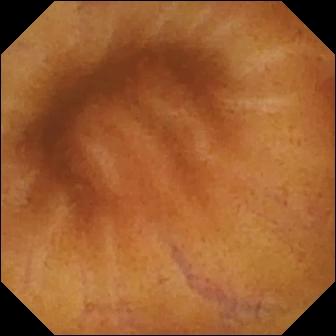Q: What does this video capsule endoscopy view of the small bowel show?
A: Normal clean mucosa.